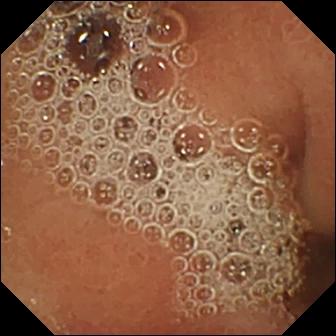{"modality": "VCE", "finding": "normal clean mucosa"}